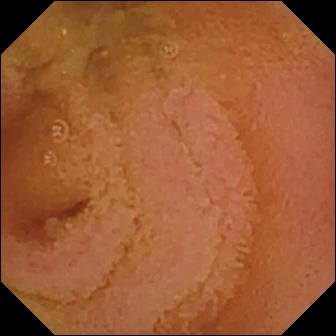Capsule endoscopy. Small intestine. Finding: normal clean mucosa.